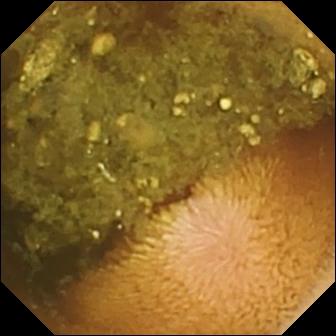Q: What does this small-bowel capsule endoscopy frame of the small intestine show?
A: Reduced mucosal view (content or bubbles obscuring the mucosa).